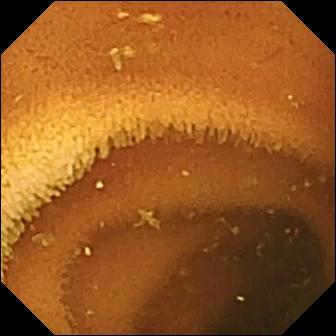Q: What does this video capsule endoscopy still show?
A: Normal clean mucosa.